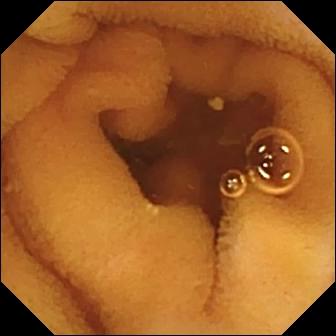PROCEDURE: VCE.
SEGMENT: Small bowel.
FINDINGS: Normal clean mucosa.